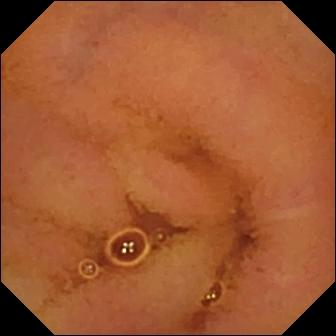Wireless capsule endoscopy. Impression: normal clean mucosa.